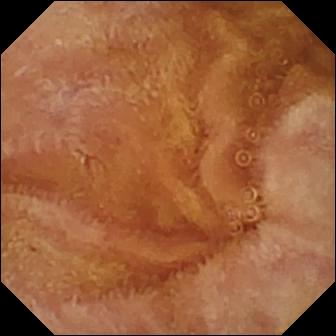{"modality": "video capsule endoscopy", "category": "luminal finding", "finding": "normal clean mucosa"}